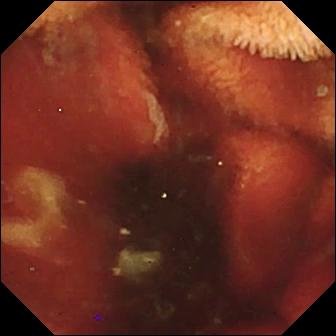Wireless capsule endoscopy. Label: fresh blood in the lumen.